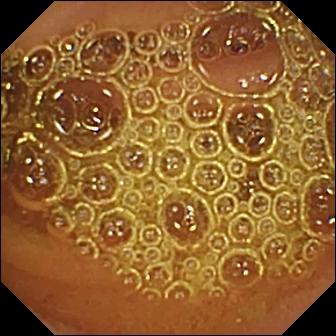This wireless capsule endoscopy snapshot of the small bowel shows normal clean mucosa.